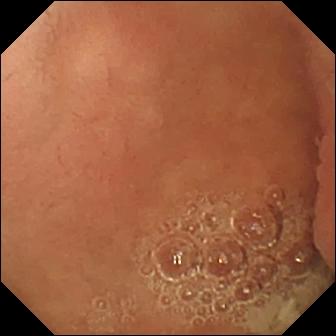Pylorus region (where the capsule passes from the stomach into the small bowel) — wireless capsule endoscopy view.